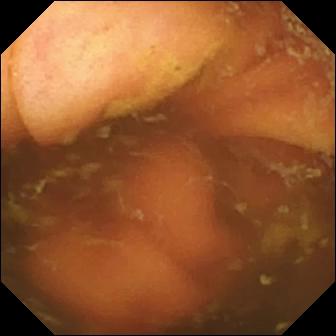modality: VCE | category: anatomical landmark | video segment: ileo-cecal valve region (where the capsule passes from the small bowel into the large bowel)